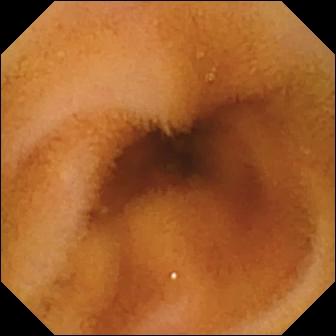WCE image (small bowel). Normal clean mucosa.